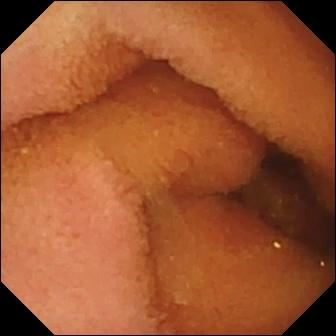PROCEDURE: VCE.
FINDINGS: Normal clean mucosa.